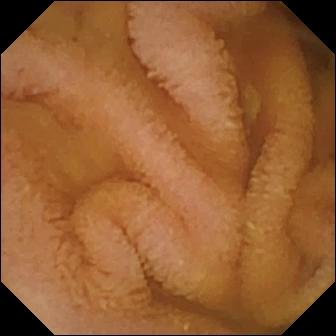This capsule endoscopy frame shows normal clean mucosa.